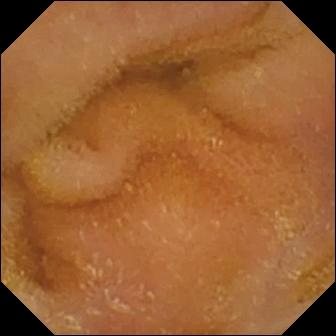WCE snapshot (small intestine). Normal clean mucosa.